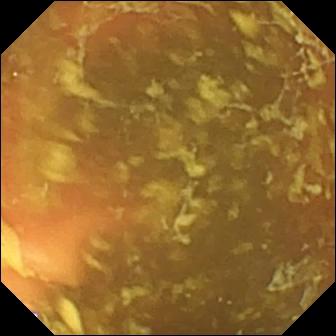Ileo-cecal valve region (the transition from the small bowel to the large bowel), 336×336.